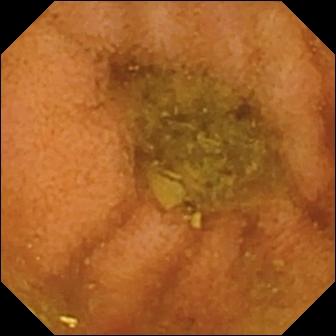{"modality": "wireless capsule endoscopy", "finding": "normal clean mucosa"}